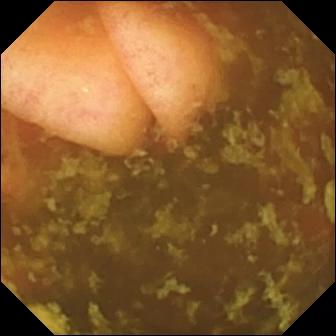This wireless capsule endoscopy view was taken in the ileo-cecal valve region (where the capsule passes from the small bowel into the large bowel).